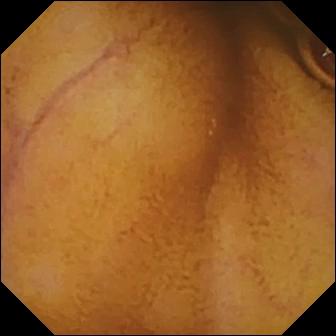- modality: video capsule endoscopy
- segment: small bowel
- observation: normal clean mucosa